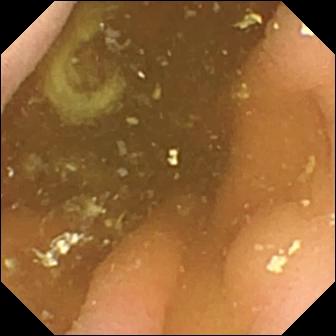Q: Where in the digestive tract was this VCE snapshot taken?
A: Pylorus region.